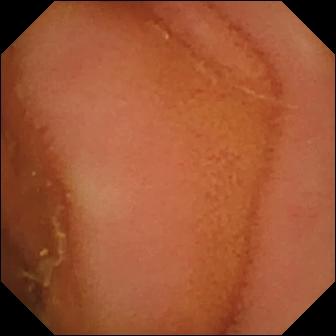Small-bowel capsule endoscopy — normal clean mucosa.